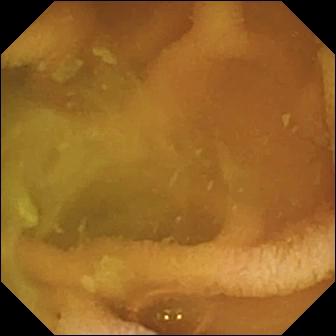VCE frame (small intestine), 336×336. Normal clean mucosa.